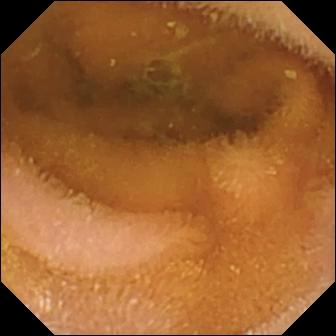- modality: capsule endoscopy
- segment: small bowel
- label: normal clean mucosa